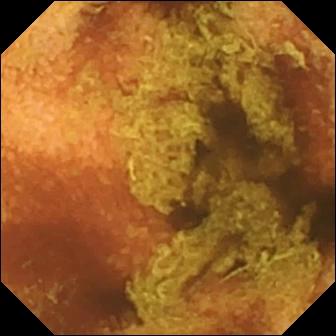- modality: small-bowel capsule endoscopy
- category: luminal finding
- observation: normal clean mucosa